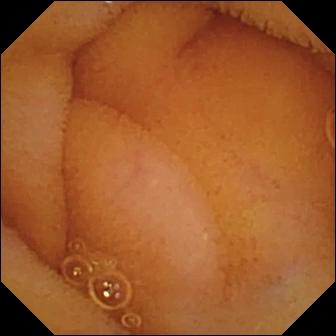Q: What does this capsule endoscopy view of the small intestine show?
A: Normal clean mucosa.